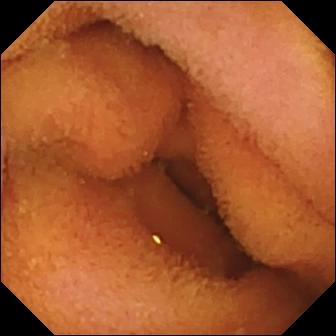VCE frame showing normal clean mucosa.